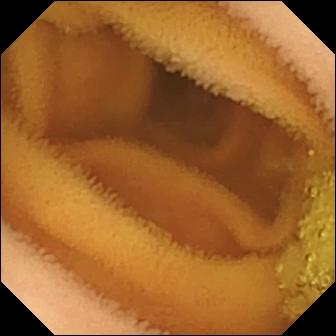Wireless capsule endoscopy. Small bowel. Label: normal clean mucosa.